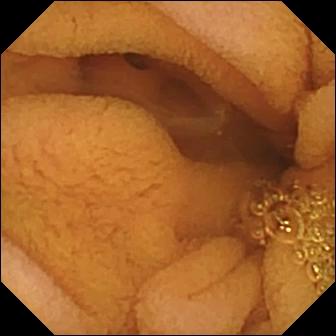modality: video capsule endoscopy; impression: normal clean mucosa